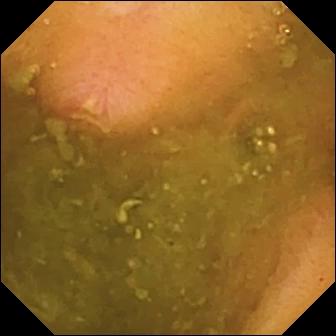VCE image
Observation: ulcer